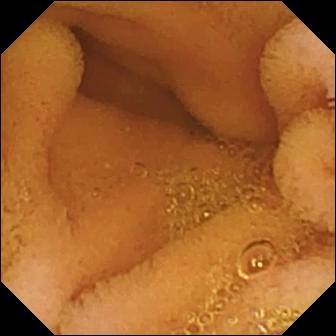- modality: wireless capsule endoscopy
- observation: normal clean mucosa